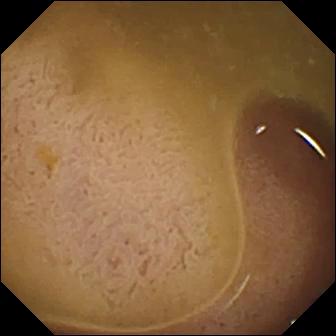modality: WCE
category: anatomical landmark
video segment: ileo-cecal valve region